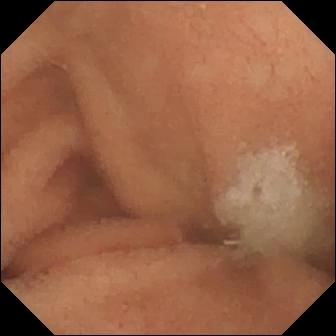Normal clean mucosa — WCE snapshot of the small bowel.